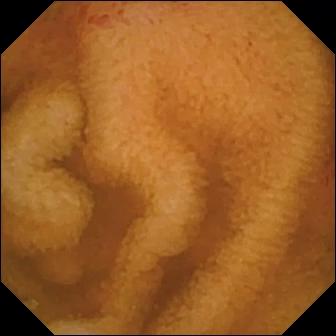{"modality": "capsule endoscopy", "finding": "erosion"}